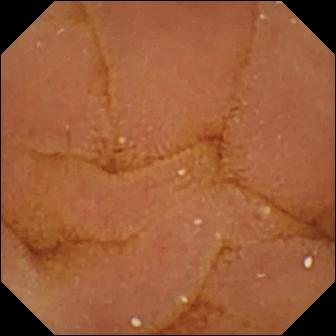WCE image showing normal clean mucosa.